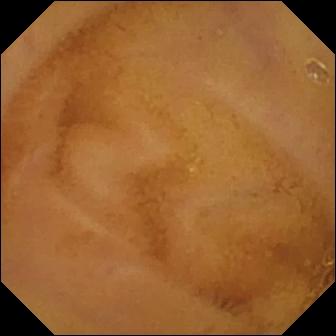- modality: small-bowel capsule endoscopy
- segment: small intestine
- category: luminal finding
- observation: normal clean mucosa